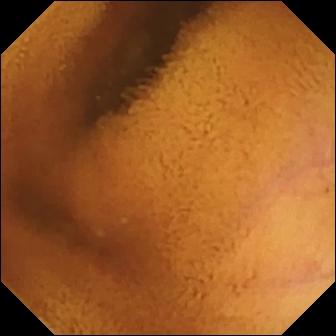VCE view (small bowel). Normal clean mucosa.